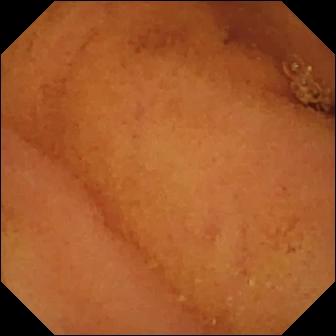Q: What does this WCE snapshot show?
A: Normal clean mucosa.